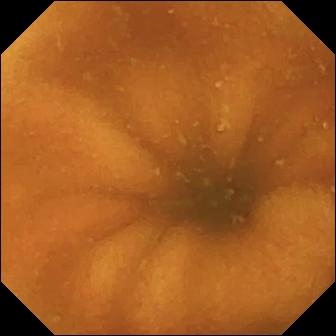Capsule endoscopy image, 336×336. Normal clean mucosa.